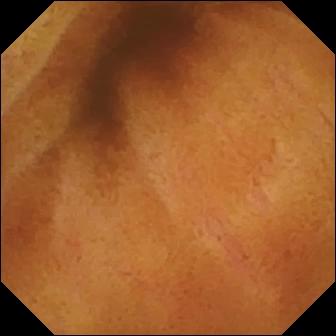Normal clean mucosa — wireless capsule endoscopy image.